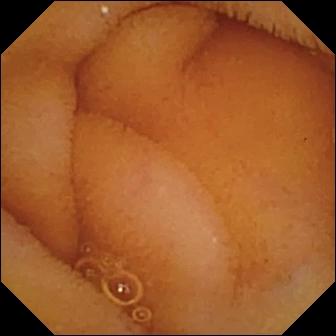WCE snapshot (small bowel). Normal clean mucosa.